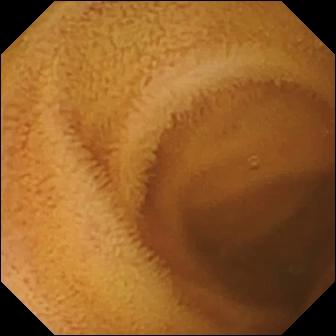Small-bowel capsule endoscopy view
Impression: normal clean mucosa